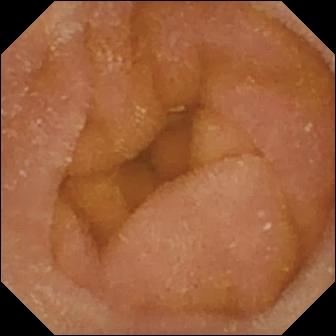WCE frame showing normal clean mucosa.